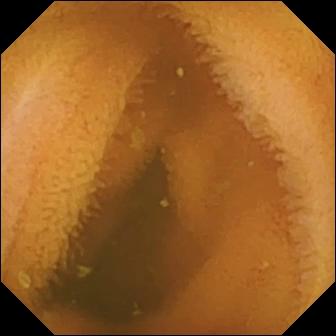VCE frame
Label: normal clean mucosa